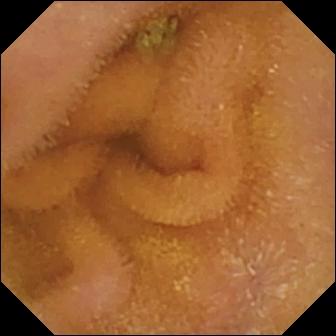Wireless capsule endoscopy frame
Finding: normal clean mucosa